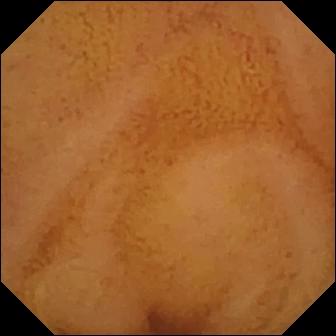modality: small-bowel capsule endoscopy; category: luminal finding; observation: normal clean mucosa